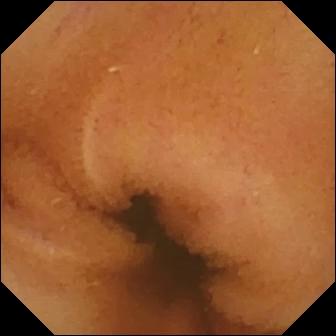Normal clean mucosa (336×336).